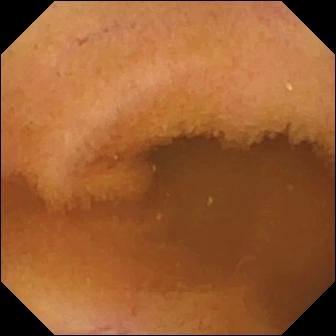Capsule endoscopy. Finding: normal clean mucosa.